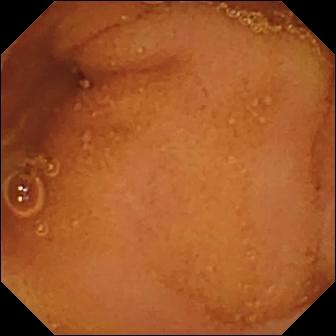Video capsule endoscopy snapshot, small intestine
Impression: normal clean mucosa